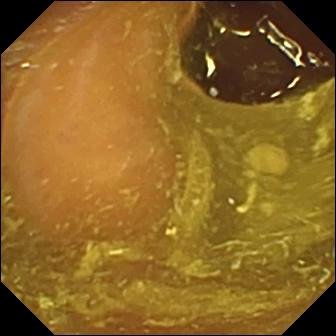modality: wireless capsule endoscopy | position: ileo-cecal valve region